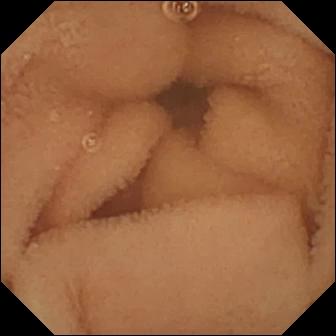VCE image (small bowel), 336×336. Normal clean mucosa.